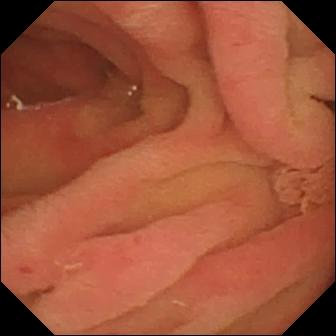Small-bowel capsule endoscopy snapshot, 336×336. Ampulla of Vater (major duodenal papilla).